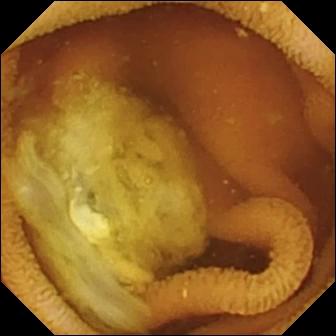Q: What does this video capsule endoscopy snapshot of the small intestine show?
A: Normal clean mucosa.